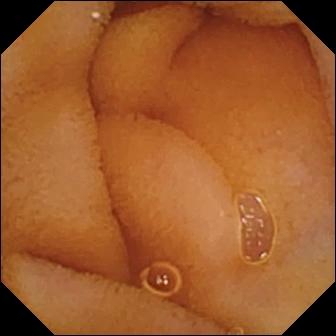modality: wireless capsule endoscopy | category: luminal finding | observation: normal clean mucosa